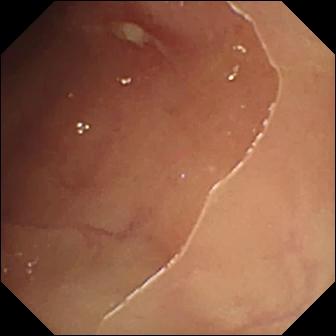VCE frame, 336×336. Ulcer.